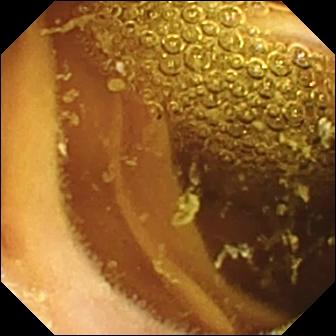Normal clean mucosa — capsule endoscopy snapshot.